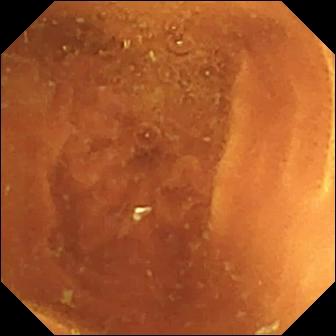Q: What does this wireless capsule endoscopy image of the small bowel show?
A: Normal clean mucosa.